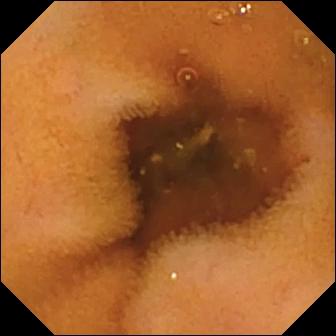WCE view, small intestine
Impression: normal clean mucosa